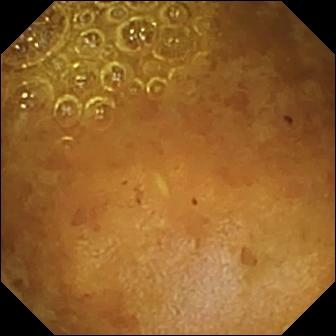- modality: wireless capsule endoscopy
- label: reduced mucosal view (content or bubbles obscuring the mucosa)